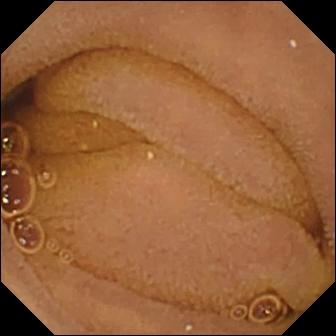WCE — normal clean mucosa.